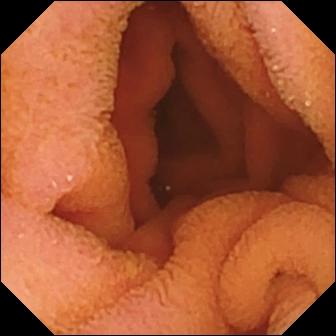WCE snapshot of the small bowel showing normal clean mucosa.